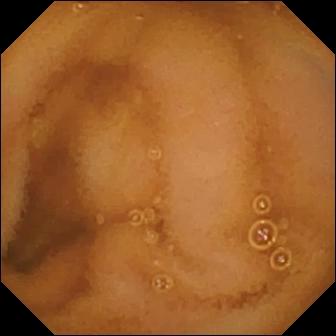modality: video capsule endoscopy; segment: small bowel; finding: normal clean mucosa